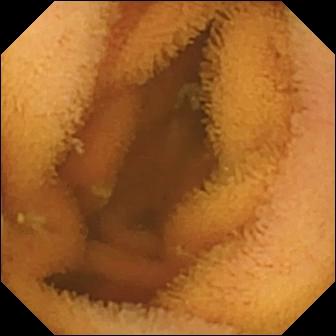PROCEDURE: Capsule endoscopy.
SEGMENT: Small intestine.
FINDINGS: Normal clean mucosa.